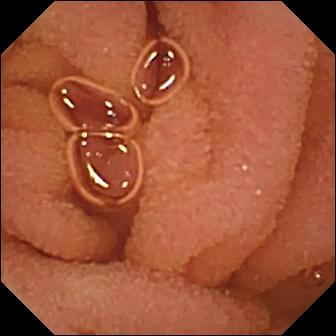{"modality": "wireless capsule endoscopy", "segment": "small bowel", "finding": "normal clean mucosa"}